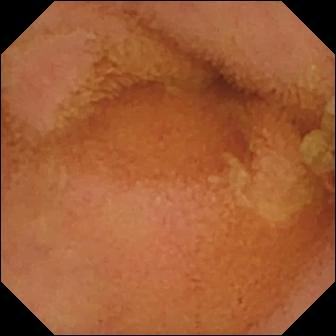Normal clean mucosa (336×336).